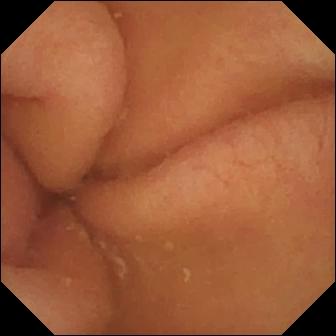{"modality": "capsule endoscopy", "label": "pylorus region (the junction between the stomach and the small bowel)"}